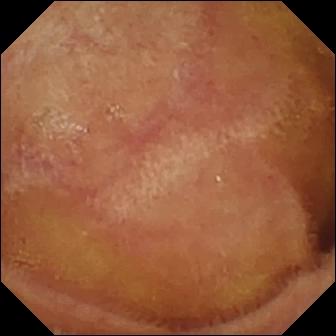Wireless capsule endoscopy — normal clean mucosa.